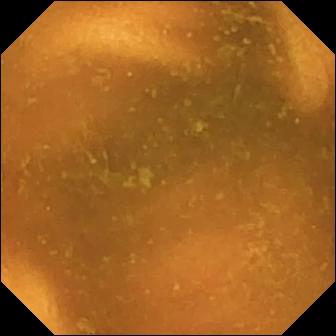Capsule endoscopy view, small bowel
Observation: normal clean mucosa